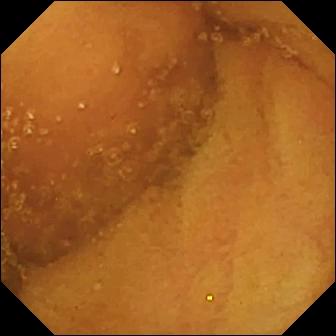Capsule endoscopy. Small intestine. Observation: normal clean mucosa.